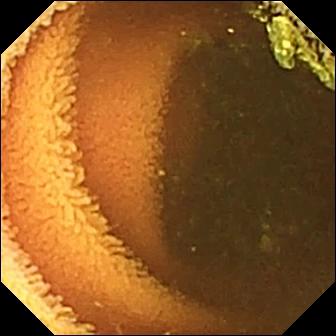WCE snapshot (small bowel), 336×336. Normal clean mucosa.